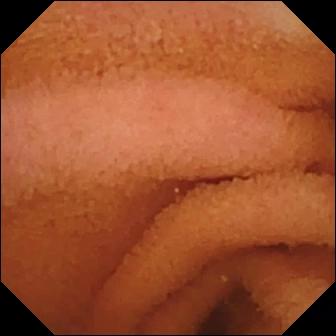Wireless capsule endoscopy. Finding: normal clean mucosa.